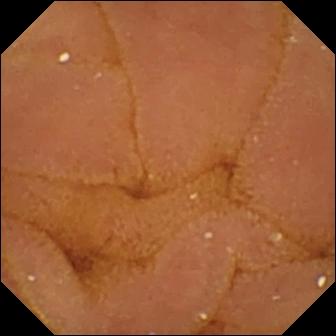Wireless capsule endoscopy view (small bowel). Normal clean mucosa.